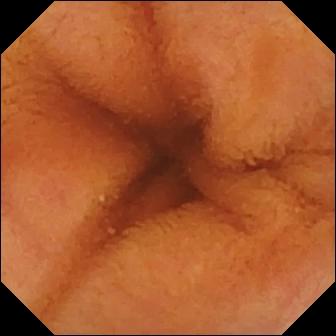Normal clean mucosa — capsule endoscopy frame.